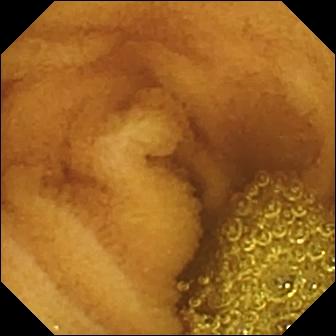Normal clean mucosa.